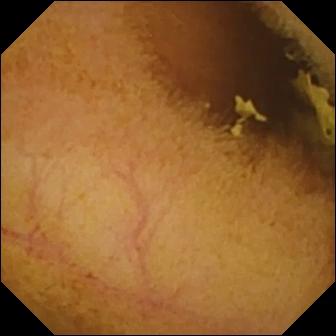Q: What does this video capsule endoscopy snapshot of the small bowel show?
A: Normal clean mucosa.